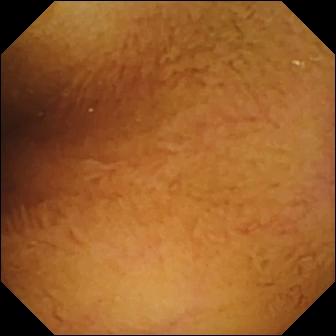This VCE still shows normal clean mucosa.